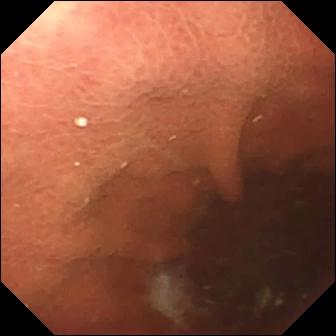Pylorus region (where the capsule passes from the stomach into the small bowel).